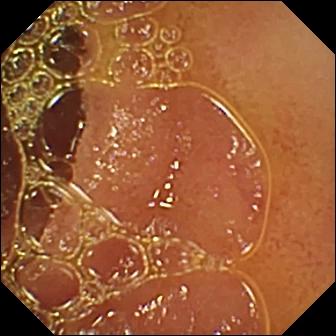modality: video capsule endoscopy
segment: small bowel
category: luminal finding
observation: normal clean mucosa